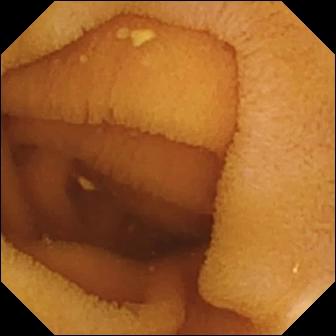Normal clean mucosa — capsule endoscopy view.